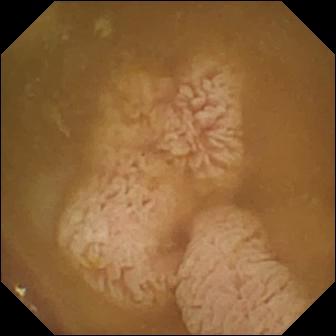Wireless capsule endoscopy frame taken in the ileo-cecal valve region.